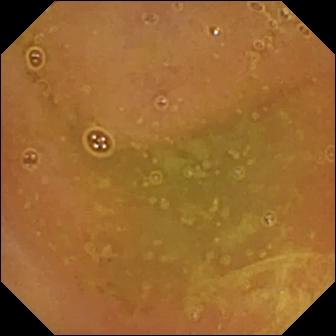Video capsule endoscopy image of the small bowel showing normal clean mucosa.